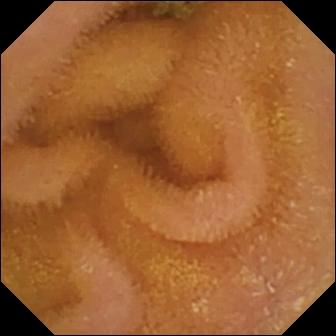WCE image, small bowel
Finding: normal clean mucosa